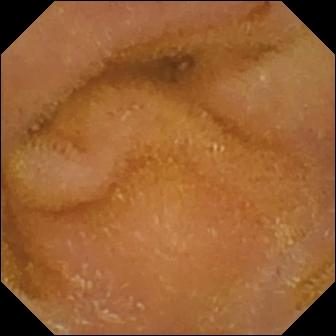Capsule endoscopy snapshot of the small bowel showing normal clean mucosa.